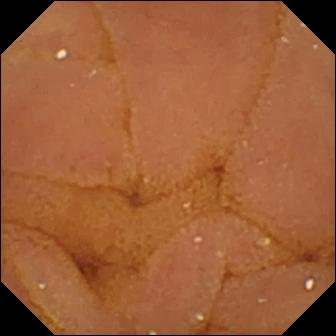This capsule endoscopy snapshot of the small bowel shows normal clean mucosa.